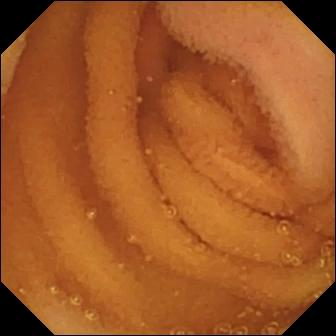This video capsule endoscopy view shows normal clean mucosa.